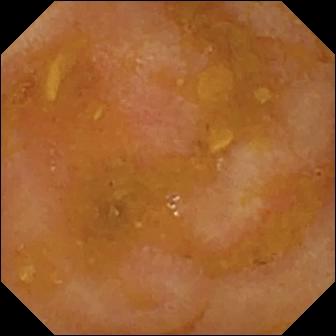Reduced mucosal view (content or bubbles obscuring the mucosa).